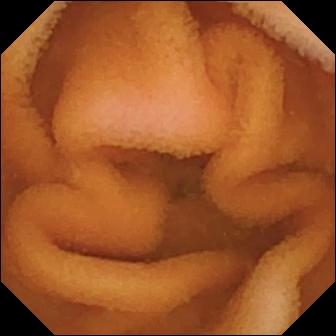Wireless capsule endoscopy. Luminal finding. Finding: normal clean mucosa.